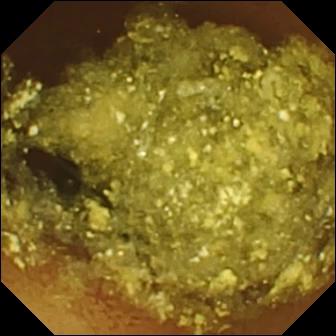Normal clean mucosa — capsule endoscopy snapshot.